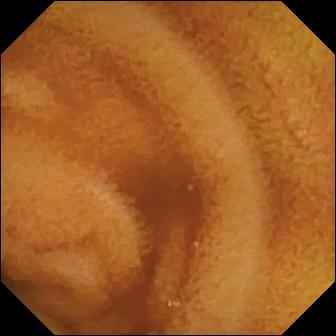Capsule endoscopy. Small bowel. Finding: normal clean mucosa.